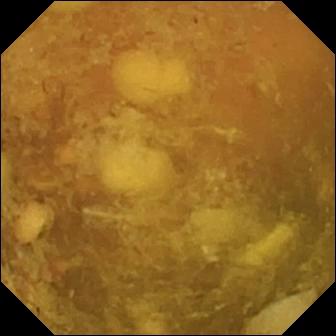Capsule endoscopy still. Reduced mucosal view (content or bubbles obscuring the mucosa).